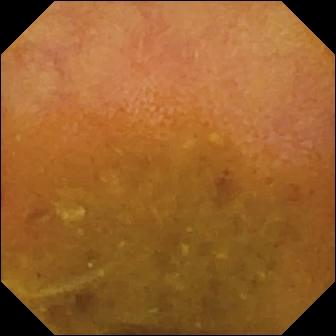modality: video capsule endoscopy; category: luminal finding; finding: reduced mucosal view (content or bubbles obscuring the mucosa)